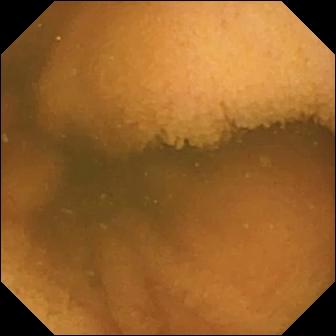modality: small-bowel capsule endoscopy | category: luminal finding | finding: normal clean mucosa